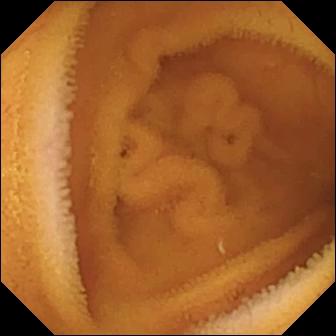Q: What does this VCE view show?
A: Normal clean mucosa.